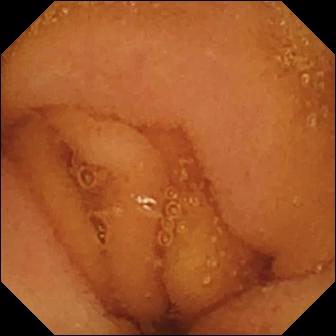Wireless capsule endoscopy image
Observation: normal clean mucosa